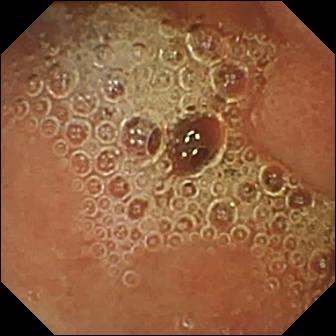Video capsule endoscopy frame
Observation: normal clean mucosa